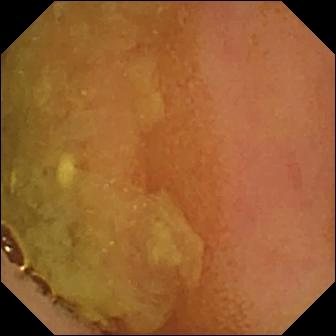Q: What does this capsule endoscopy view of the small bowel show?
A: Normal clean mucosa.